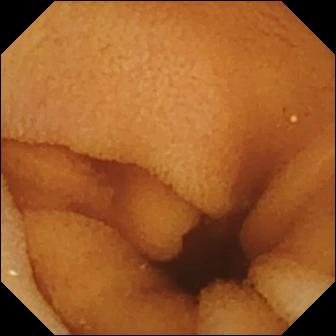Q: What does this video capsule endoscopy view show?
A: Normal clean mucosa.